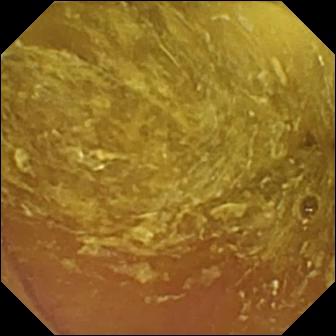- modality: WCE
- segment: small bowel
- finding: reduced mucosal view (content or bubbles obscuring the mucosa)